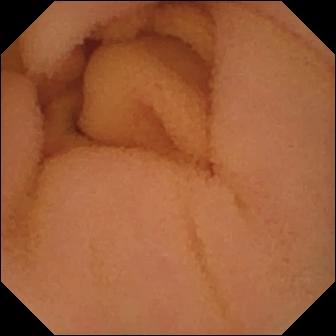Capsule endoscopy still, small bowel
Label: normal clean mucosa